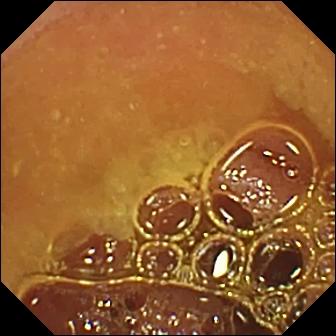Small-bowel capsule endoscopy — normal clean mucosa.